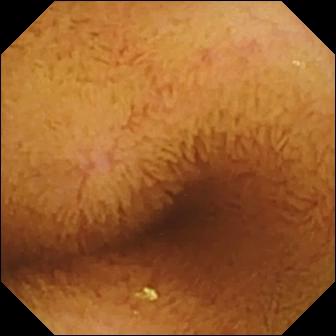Wireless capsule endoscopy frame
Observation: normal clean mucosa